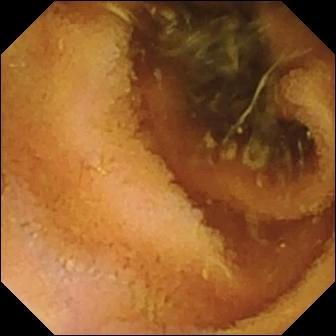WCE. Impression: normal clean mucosa.